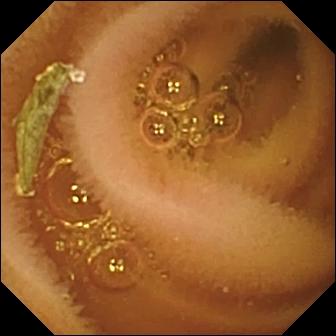Normal clean mucosa — video capsule endoscopy still of the small intestine.